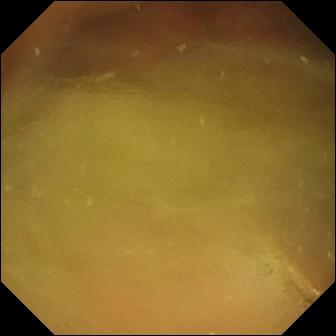PROCEDURE: Small-bowel capsule endoscopy.
SEGMENT: Small intestine.
FINDINGS: Normal clean mucosa.